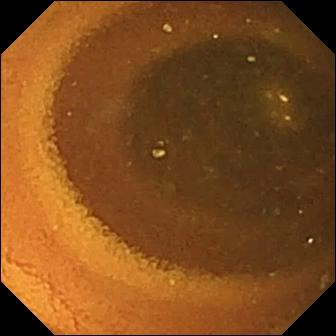Wireless capsule endoscopy snapshot, small intestine
Observation: normal clean mucosa